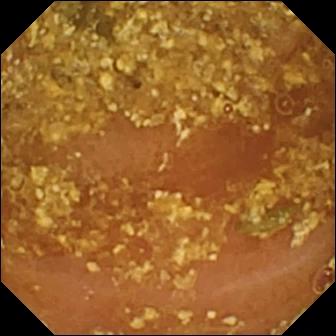Wireless capsule endoscopy image
Label: reduced mucosal view (content or bubbles obscuring the mucosa)